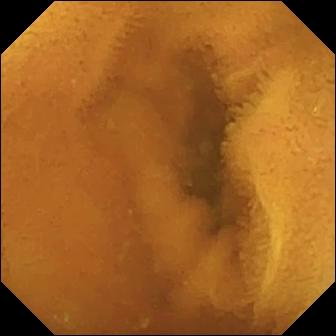{"modality": "VCE", "finding": "normal clean mucosa"}